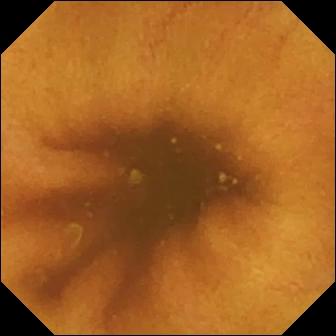PROCEDURE: Video capsule endoscopy.
FINDINGS: Normal clean mucosa.